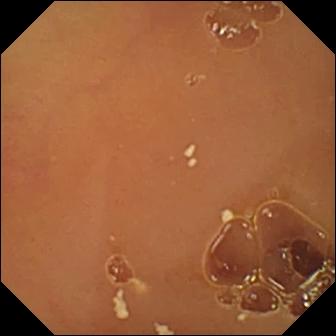VCE still of the small intestine showing normal clean mucosa.